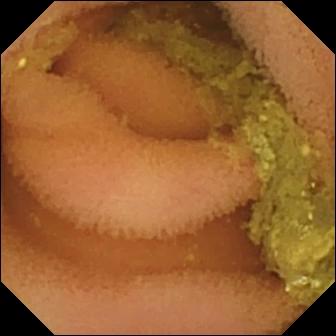Small-bowel capsule endoscopy snapshot, small intestine
Finding: normal clean mucosa